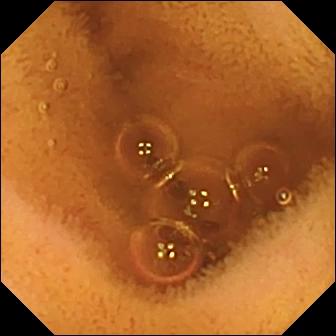Capsule endoscopy frame
Observation: normal clean mucosa